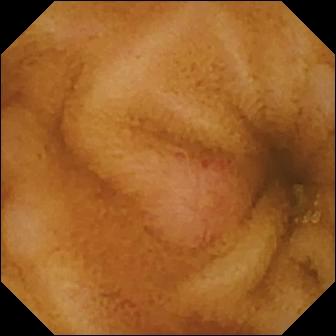This video capsule endoscopy frame shows erosion.